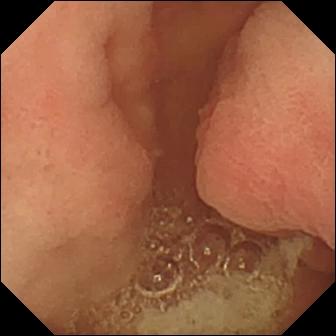Q: Where in the digestive tract was this VCE snapshot taken?
A: Pylorus region.